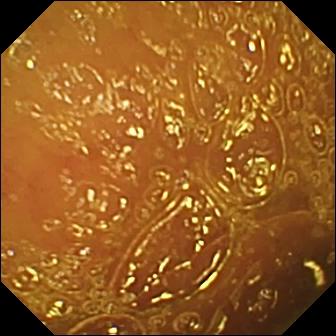WCE frame showing normal clean mucosa.